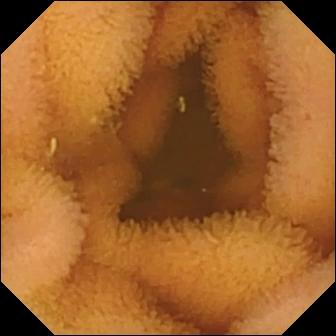modality: WCE | label: normal clean mucosa